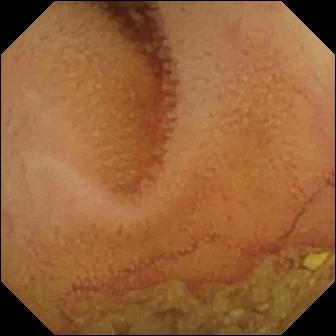Q: What does this WCE view of the small bowel show?
A: Normal clean mucosa.